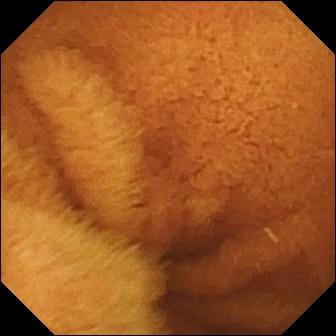Q: What does this VCE still of the small bowel show?
A: Normal clean mucosa.